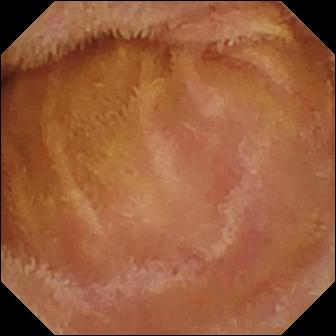Wireless capsule endoscopy — normal clean mucosa.